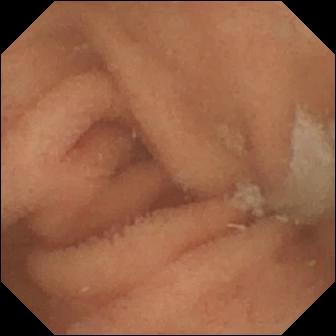{"modality": "wireless capsule endoscopy", "segment": "small intestine", "finding": "normal clean mucosa"}